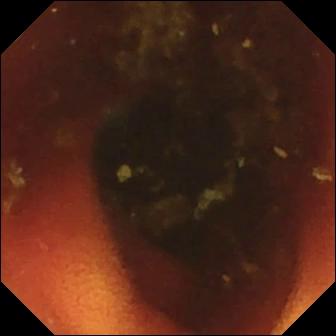Q: Where in the digestive tract was this wireless capsule endoscopy snapshot taken?
A: Ileo-cecal valve region (where the capsule passes from the small bowel into the large bowel).